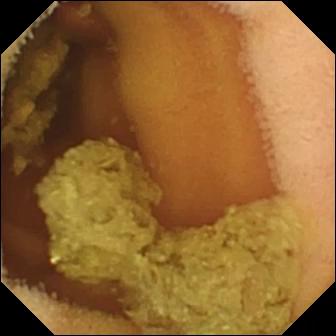Video capsule endoscopy snapshot, small intestine
Impression: normal clean mucosa